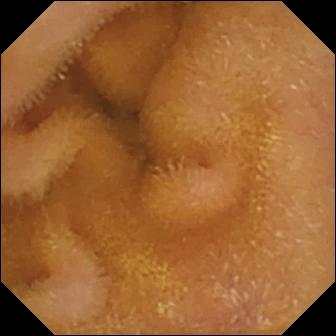Video capsule endoscopy snapshot of the small intestine showing normal clean mucosa.